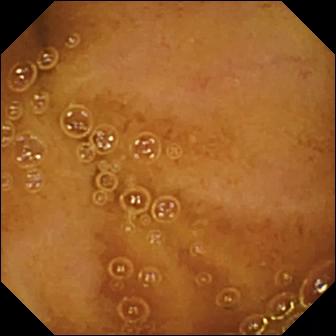Normal clean mucosa — small-bowel capsule endoscopy snapshot.